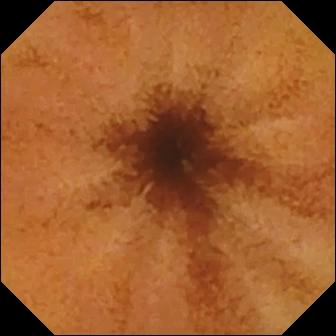Small-bowel capsule endoscopy — normal clean mucosa.